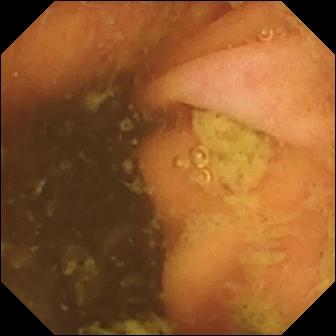Video capsule endoscopy — ileo-cecal valve region (the transition from the small bowel to the large bowel).